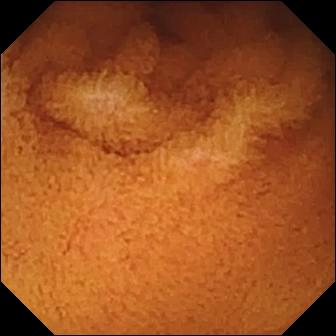PROCEDURE: Wireless capsule endoscopy.
SEGMENT: Small bowel.
FINDINGS: Normal clean mucosa.